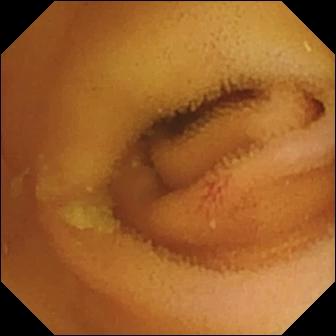Angiectasia.